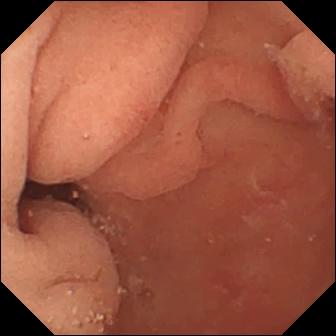PROCEDURE: Wireless capsule endoscopy.
VIDEO SEGMENT: Pylorus region (where the capsule passes from the stomach into the small bowel).